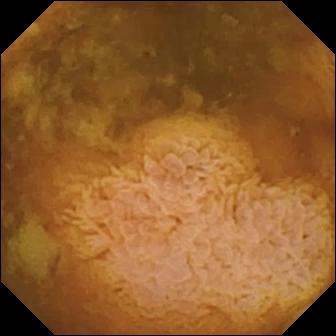This wireless capsule endoscopy snapshot shows reduced mucosal view (content or bubbles obscuring the mucosa).